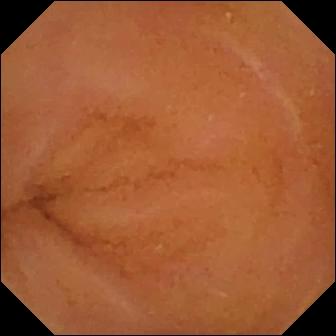WCE. Luminal finding. Finding: normal clean mucosa.